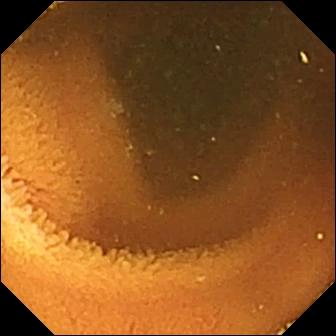Normal clean mucosa.